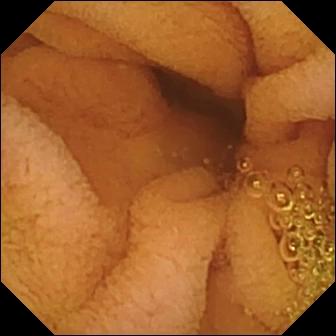This wireless capsule endoscopy image of the small bowel shows normal clean mucosa.